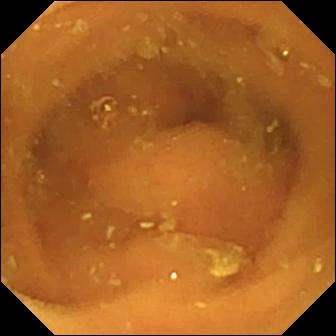modality: wireless capsule endoscopy
observation: normal clean mucosa